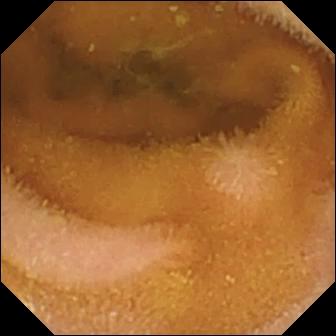Small-bowel capsule endoscopy frame of the small bowel showing normal clean mucosa.